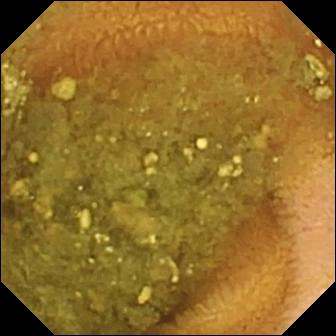Reduced mucosal view (content or bubbles obscuring the mucosa) (336×336).